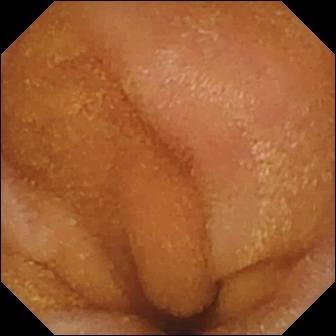This WCE view shows normal clean mucosa.